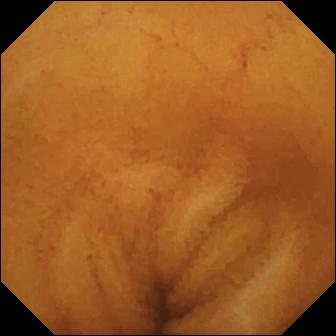modality: small-bowel capsule endoscopy
segment: small intestine
category: luminal finding
impression: normal clean mucosa